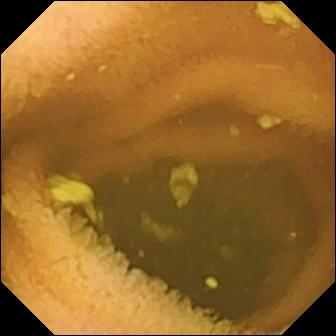- modality: video capsule endoscopy
- finding: normal clean mucosa